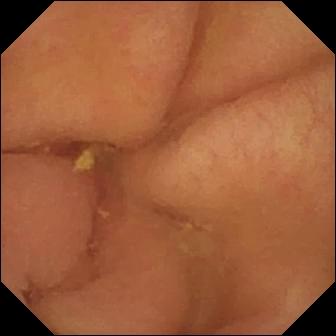VCE snapshot
Position: pylorus region